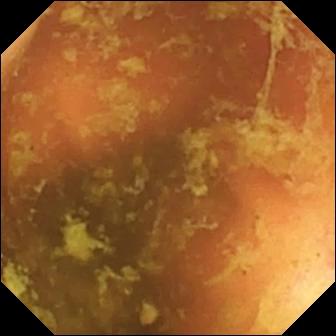PROCEDURE: WCE.
LOCATION: Ileo-cecal valve region.